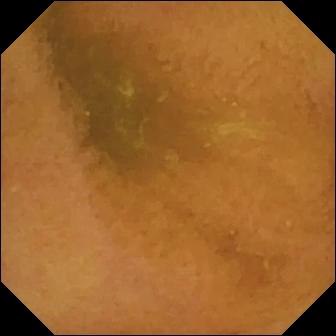VCE — normal clean mucosa.